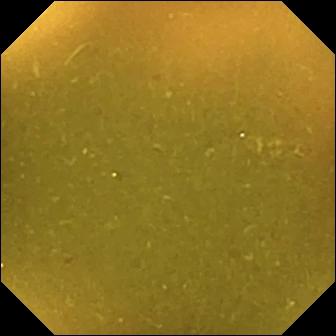Ileo-cecal valve region (the transition from the small bowel to the large bowel) — small-bowel capsule endoscopy view.